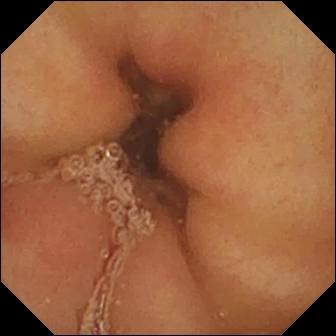Small-bowel capsule endoscopy frame. Taken in the pylorus region (the junction between the stomach and the small bowel).